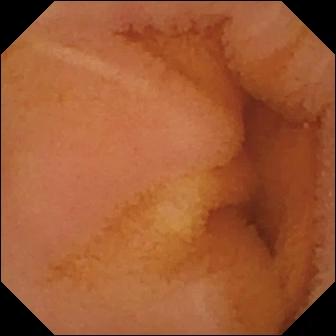modality: VCE | observation: normal clean mucosa